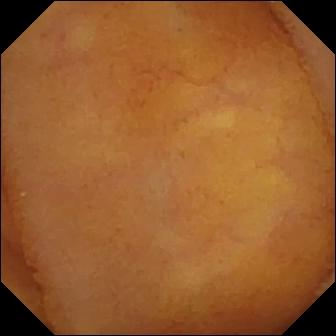VCE snapshot showing normal clean mucosa.